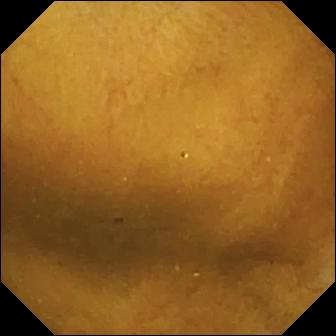- modality: capsule endoscopy
- segment: small intestine
- label: normal clean mucosa